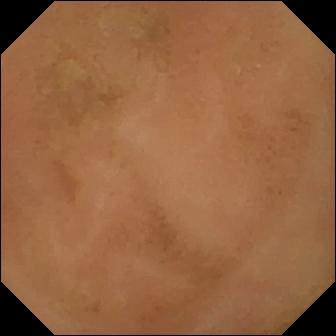Q: What does this video capsule endoscopy frame show?
A: Normal clean mucosa.